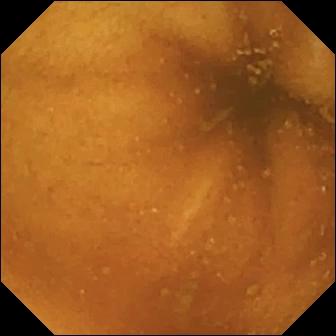VCE. Small intestine. Luminal finding. Label: normal clean mucosa.